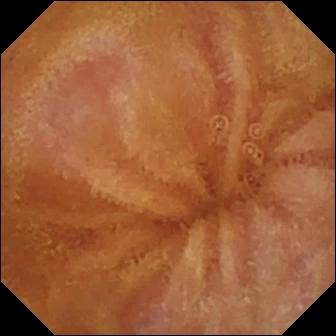Small-bowel capsule endoscopy — normal clean mucosa.